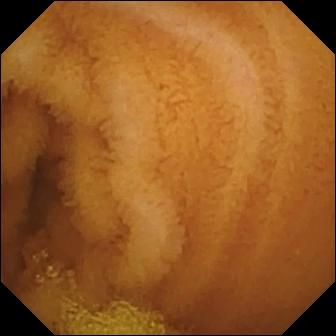{"modality": "WCE", "segment": "small intestine", "finding": "normal clean mucosa"}